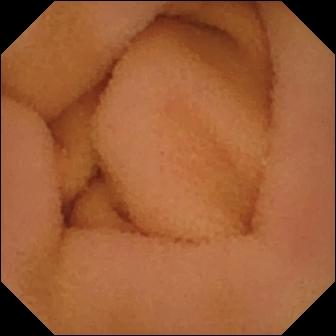VCE frame showing normal clean mucosa.